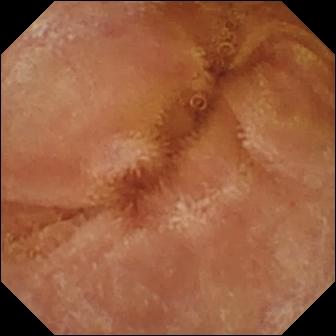Small-bowel capsule endoscopy image (small intestine). Normal clean mucosa.